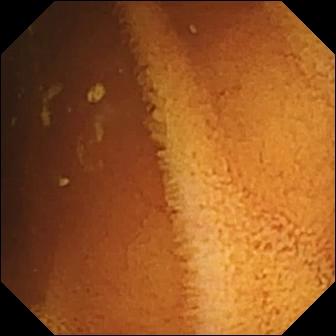PROCEDURE: VCE.
FINDINGS: Normal clean mucosa.